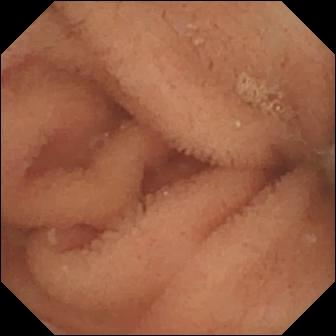VCE snapshot
Finding: normal clean mucosa